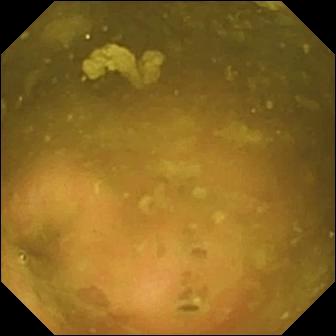This small-bowel capsule endoscopy image was taken in the ileo-cecal valve region (the transition from the small bowel to the large bowel).